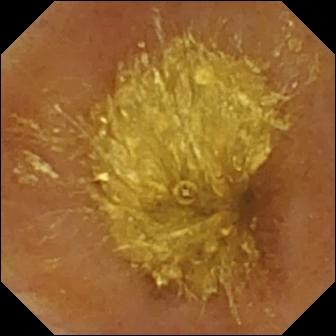Q: What does this VCE snapshot of the small intestine show?
A: Reduced mucosal view (content or bubbles obscuring the mucosa).